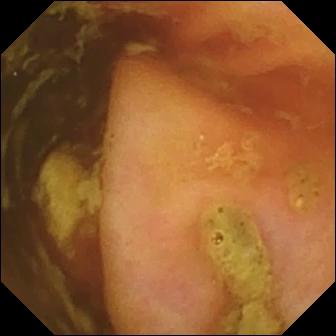Ileo-cecal valve region (the transition from the small bowel to the large bowel) — small-bowel capsule endoscopy image.